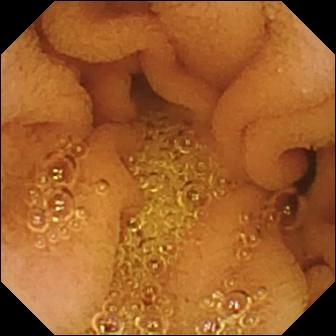This wireless capsule endoscopy view shows normal clean mucosa.